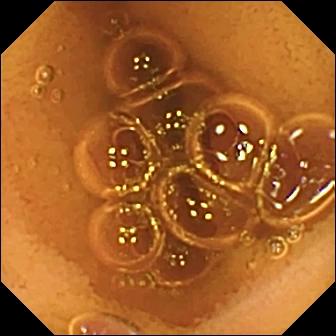Wireless capsule endoscopy — normal clean mucosa.